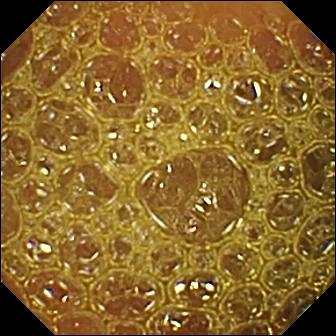PROCEDURE: Small-bowel capsule endoscopy.
FINDINGS: Reduced mucosal view (content or bubbles obscuring the mucosa).